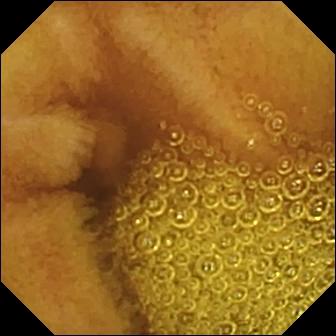Small-bowel capsule endoscopy. Small bowel. Finding: normal clean mucosa.